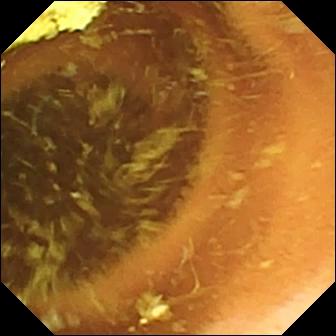This WCE still shows normal clean mucosa.